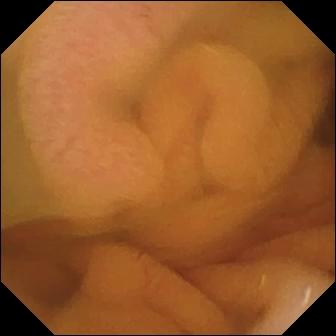This WCE view of the small intestine shows normal clean mucosa.